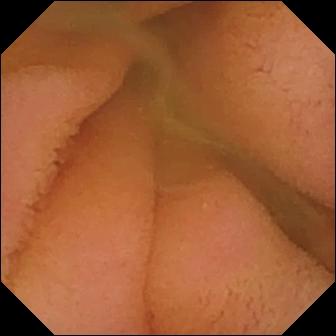- modality: capsule endoscopy
- label: normal clean mucosa